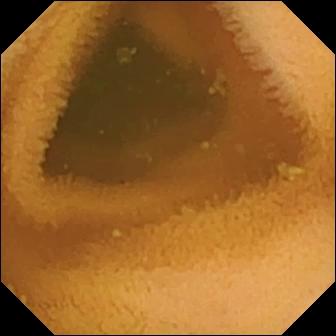Normal clean mucosa (336×336).